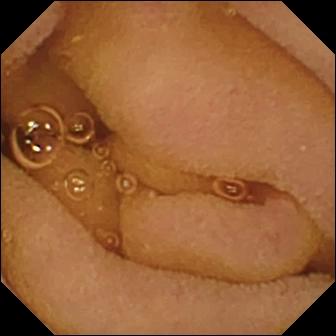{"modality": "video capsule endoscopy", "segment": "small intestine", "finding": "normal clean mucosa"}